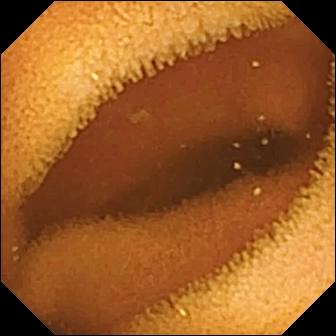Normal clean mucosa — VCE snapshot of the small intestine.